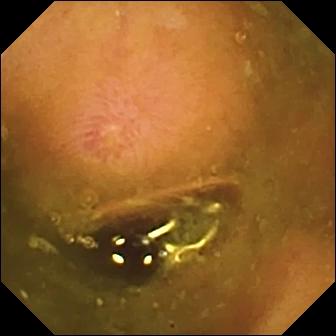PROCEDURE: VCE.
FINDINGS: Erosion.